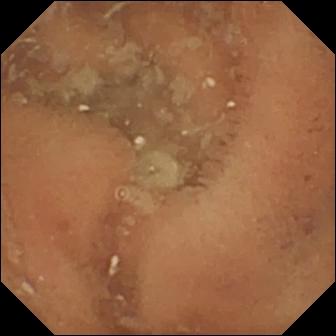{"modality": "capsule endoscopy", "segment": "small bowel", "category": "luminal finding", "finding": "normal clean mucosa"}